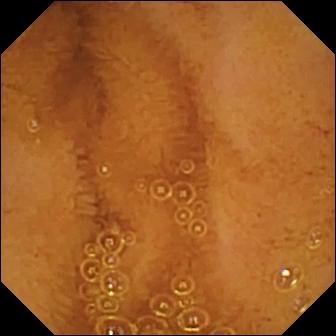PROCEDURE: VCE.
FINDINGS: Normal clean mucosa.